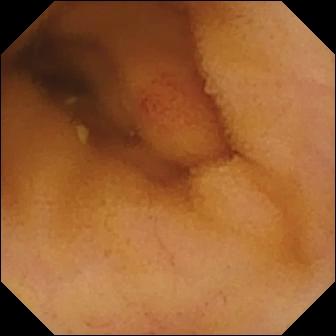Capsule endoscopy image
Impression: angiectasia